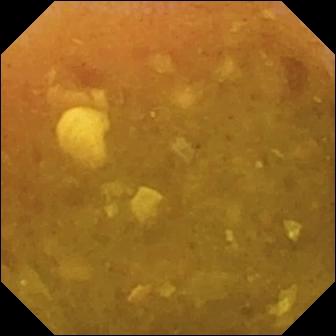PROCEDURE: WCE.
FINDINGS: Reduced mucosal view (content or bubbles obscuring the mucosa).